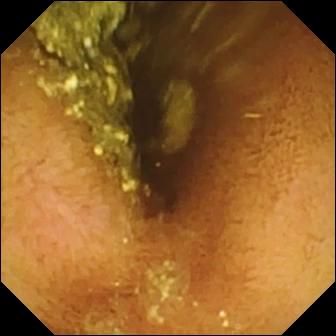Normal clean mucosa (336×336).